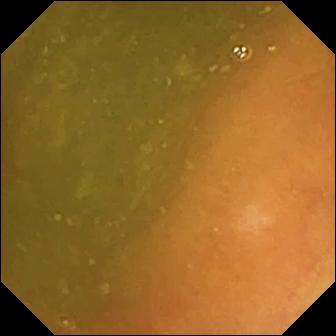Wireless capsule endoscopy frame
Video segment: ileo-cecal valve region (the transition from the small bowel to the large bowel)